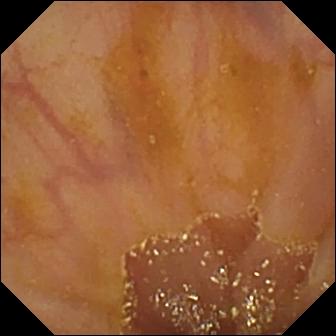Q: Where in the digestive tract was this VCE view taken?
A: Ileo-cecal valve region.